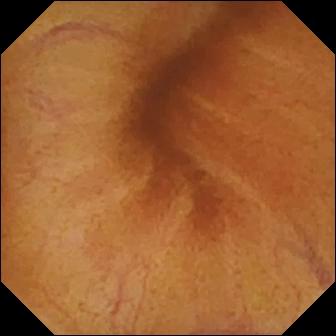{"modality": "capsule endoscopy", "segment": "small intestine", "category": "luminal finding", "finding": "normal clean mucosa"}